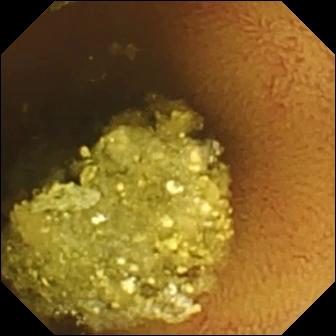WCE still showing normal clean mucosa.